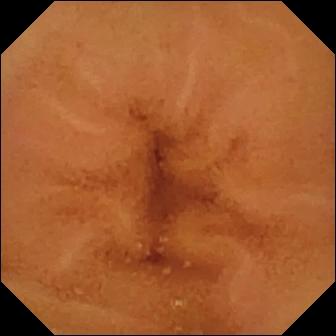This WCE view of the small bowel shows normal clean mucosa.